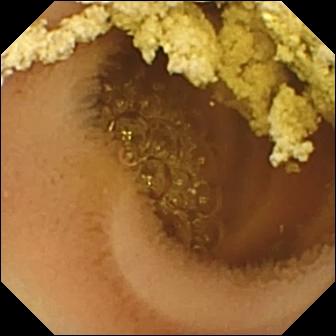Small-bowel capsule endoscopy still. Normal clean mucosa.